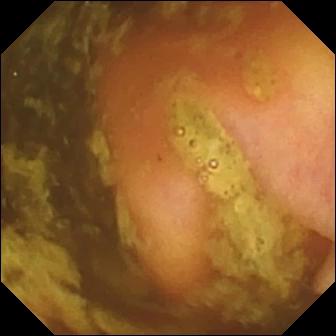Capsule endoscopy — ileo-cecal valve region.